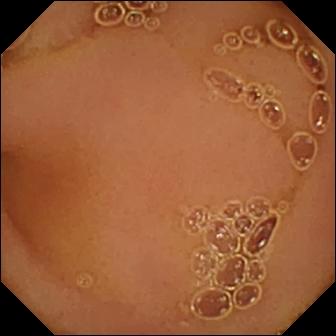modality: wireless capsule endoscopy
segment: small bowel
category: luminal finding
impression: normal clean mucosa